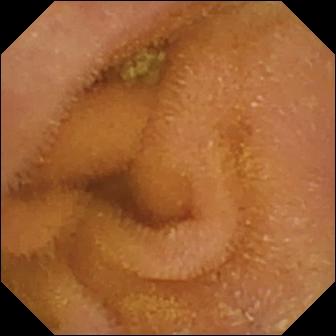VCE frame. Normal clean mucosa.